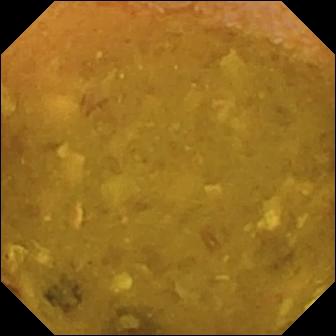VCE frame (small intestine). Reduced mucosal view (content or bubbles obscuring the mucosa).